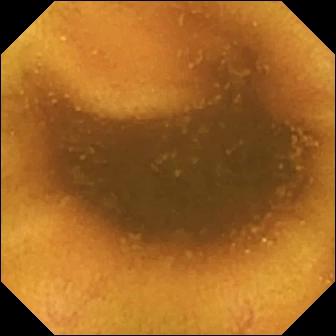Small-bowel capsule endoscopy snapshot
Observation: normal clean mucosa